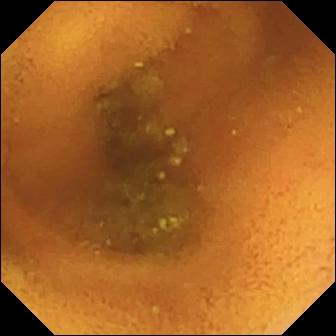Q: What does this capsule endoscopy still show?
A: Normal clean mucosa.